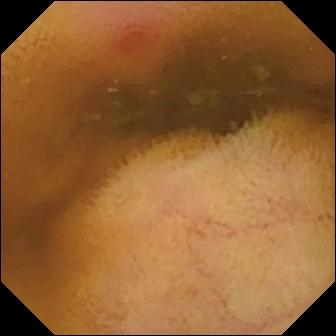This capsule endoscopy frame shows erythema (mucosal redness).